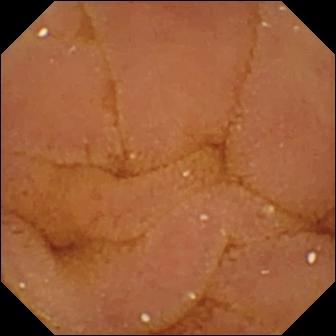PROCEDURE: VCE.
SEGMENT: Small intestine.
FINDINGS: Normal clean mucosa.